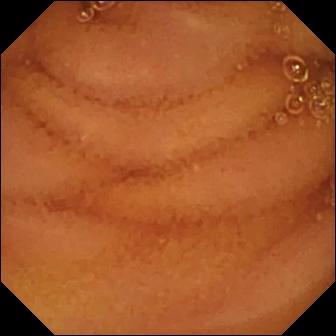This WCE frame shows normal clean mucosa.